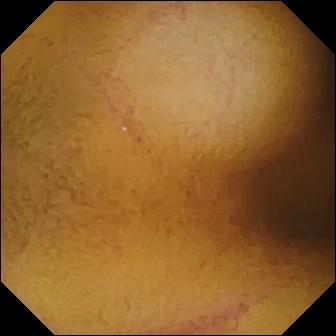modality: capsule endoscopy; segment: small bowel; impression: normal clean mucosa